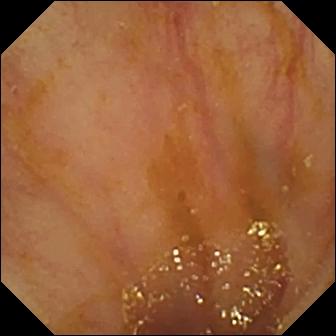WCE view taken in the ileo-cecal valve region.